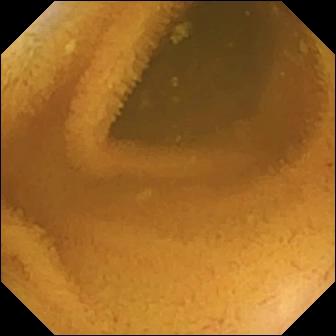PROCEDURE: WCE.
SEGMENT: Small intestine.
FINDINGS: Normal clean mucosa.